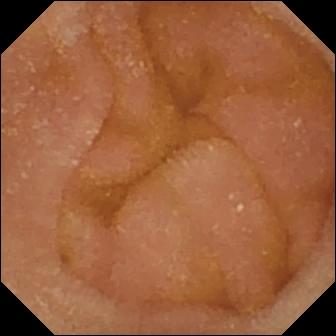Capsule endoscopy — normal clean mucosa.